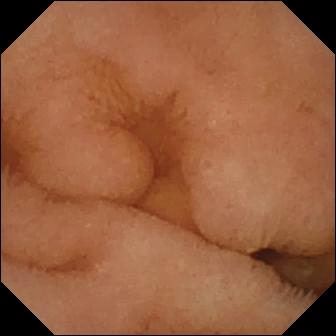Capsule endoscopy. Finding: normal clean mucosa.